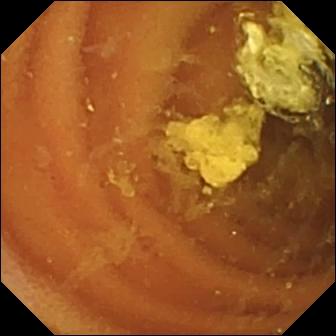Small-bowel capsule endoscopy — normal clean mucosa.